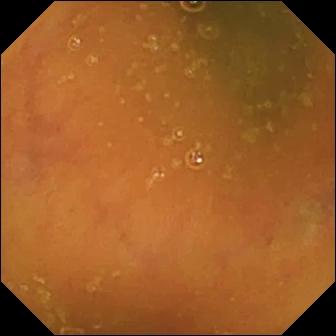Small-bowel capsule endoscopy snapshot
Video segment: ileo-cecal valve region (where the capsule passes from the small bowel into the large bowel)